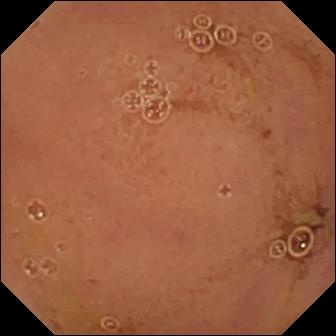modality: video capsule endoscopy; segment: small intestine; category: luminal finding; finding: normal clean mucosa